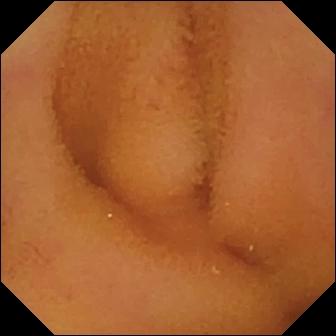{"modality": "small-bowel capsule endoscopy", "finding": "normal clean mucosa"}